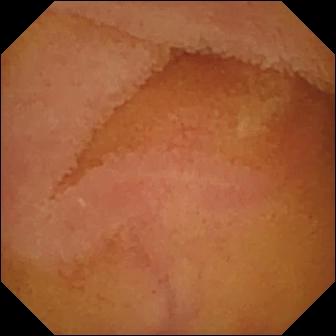{"modality": "small-bowel capsule endoscopy", "segment": "small intestine", "category": "luminal finding", "finding": "normal clean mucosa"}